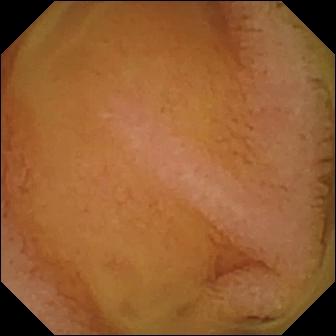Capsule endoscopy. Luminal finding. Finding: normal clean mucosa.